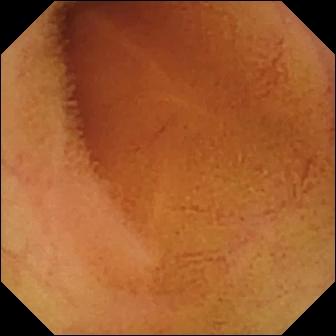Small-bowel capsule endoscopy view, 336×336. Normal clean mucosa.